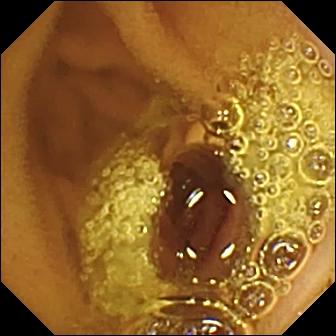PROCEDURE: Small-bowel capsule endoscopy.
SEGMENT: Small bowel.
FINDINGS: Normal clean mucosa.